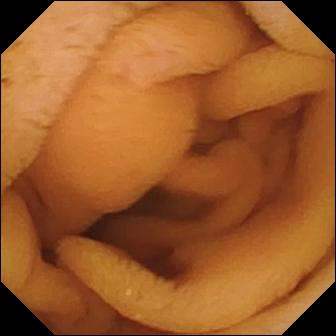This capsule endoscopy frame of the small intestine shows normal clean mucosa.